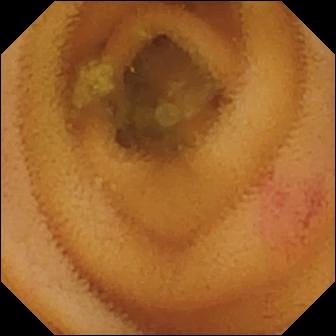WCE — angiectasia.